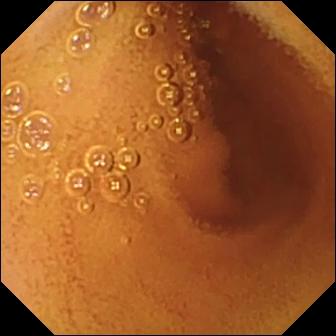modality: capsule endoscopy; segment: small bowel; label: normal clean mucosa